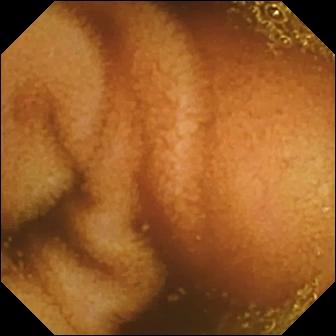{"modality": "VCE", "segment": "small bowel", "finding": "normal clean mucosa"}